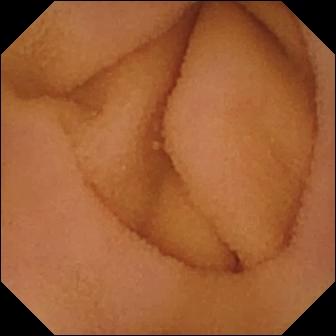modality: wireless capsule endoscopy
impression: normal clean mucosa